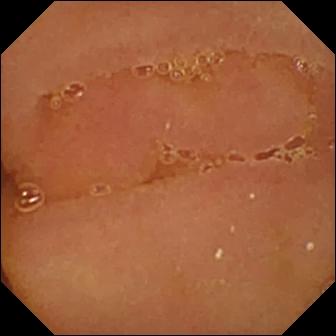- modality: small-bowel capsule endoscopy
- segment: small intestine
- category: luminal finding
- label: normal clean mucosa